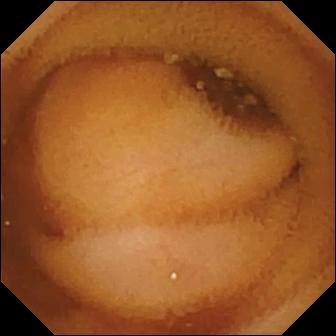{"modality": "wireless capsule endoscopy", "finding": "normal clean mucosa"}